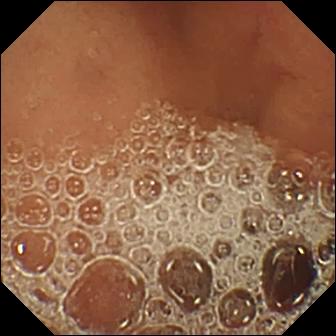{"modality": "WCE", "finding": "normal clean mucosa"}